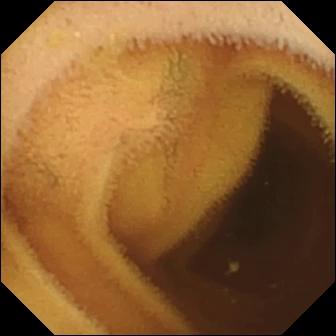{"modality": "capsule endoscopy", "segment": "small intestine", "finding": "normal clean mucosa"}